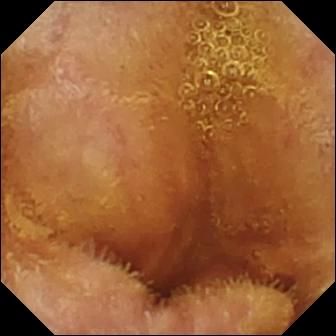This WCE frame shows normal clean mucosa.